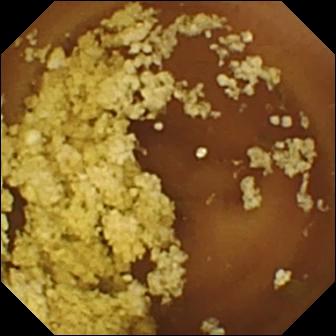PROCEDURE: Video capsule endoscopy.
FINDINGS: Normal clean mucosa.